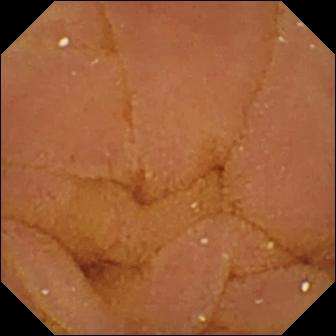PROCEDURE: WCE.
FINDINGS: Normal clean mucosa.